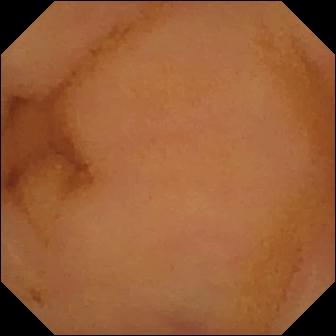Normal clean mucosa — wireless capsule endoscopy view.